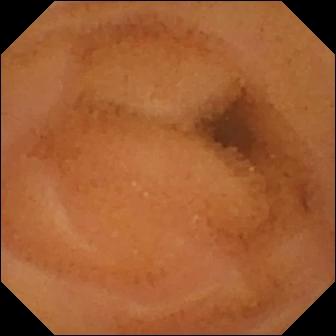Q: What does this WCE frame of the small bowel show?
A: Normal clean mucosa.